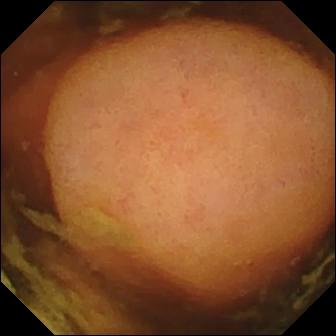This WCE image shows polyp.